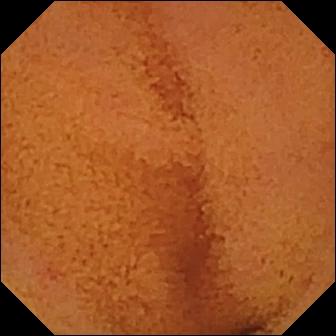Normal clean mucosa — small-bowel capsule endoscopy snapshot.